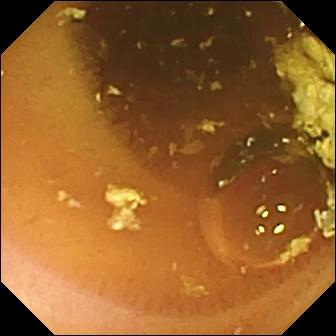VCE snapshot showing normal clean mucosa.